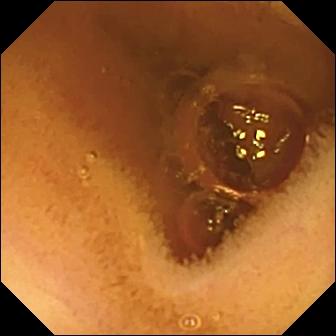Wireless capsule endoscopy image showing normal clean mucosa.